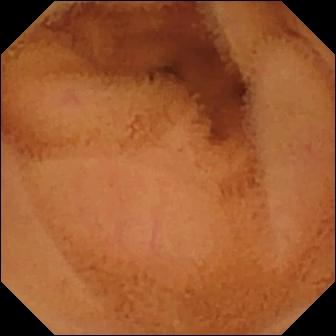Q: What does this capsule endoscopy snapshot show?
A: Normal clean mucosa.